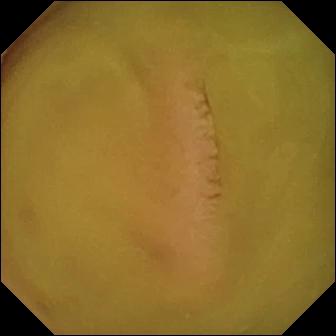{"modality": "video capsule endoscopy", "segment": "small bowel", "finding": "normal clean mucosa"}